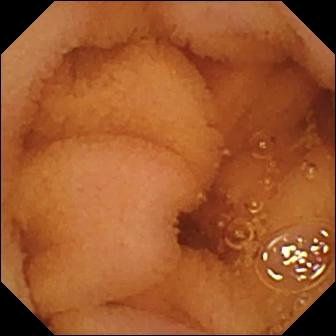{"modality": "small-bowel capsule endoscopy", "finding": "normal clean mucosa"}